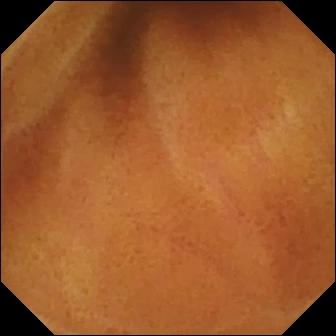Q: What does this VCE view of the small intestine show?
A: Normal clean mucosa.